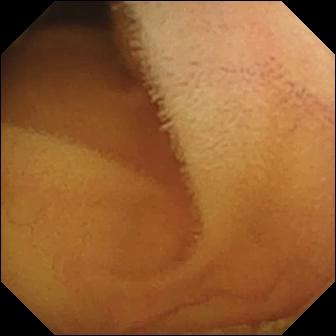- modality: small-bowel capsule endoscopy
- observation: normal clean mucosa